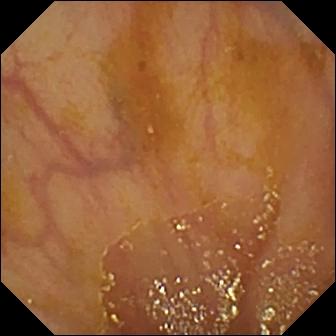Small-bowel capsule endoscopy frame
Position: ileo-cecal valve region